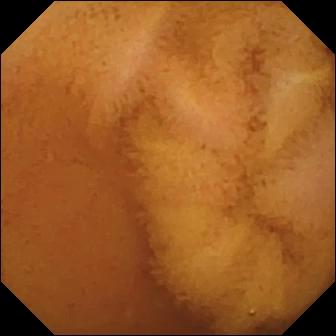Normal clean mucosa — capsule endoscopy snapshot.